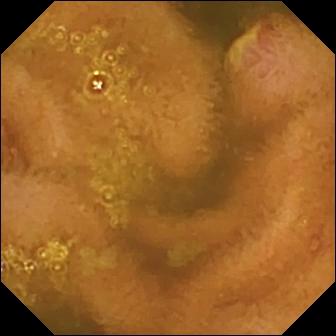modality: video capsule endoscopy; category: luminal finding; impression: ulcer